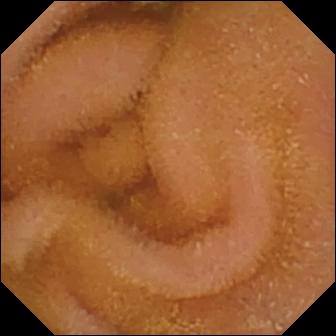Small-bowel capsule endoscopy view of the small intestine showing normal clean mucosa.